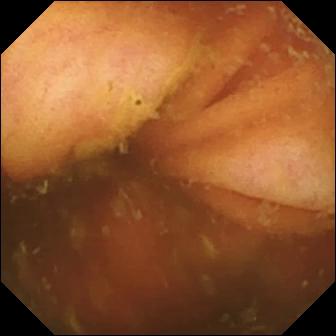Ileo-cecal valve region (where the capsule passes from the small bowel into the large bowel) — capsule endoscopy view.